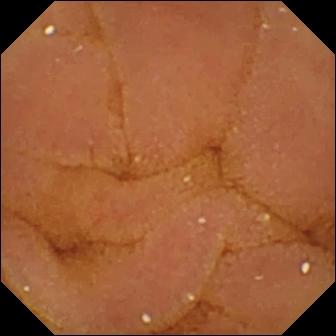WCE view
Observation: normal clean mucosa